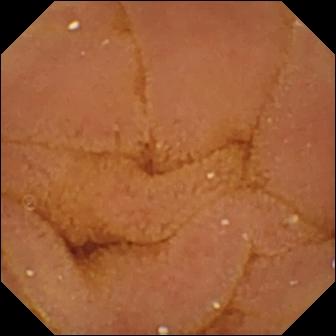PROCEDURE: Video capsule endoscopy.
FINDINGS: Normal clean mucosa.